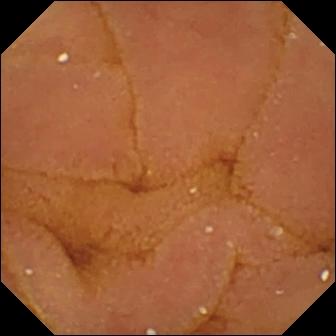Normal clean mucosa — wireless capsule endoscopy frame.